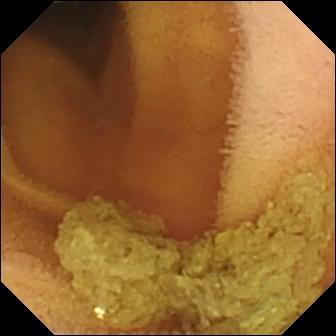Small-bowel capsule endoscopy view of the small bowel showing normal clean mucosa.